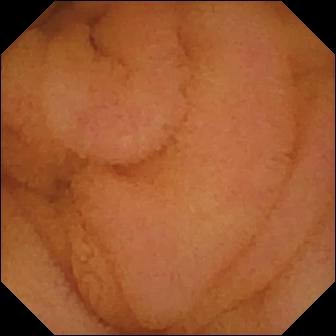Normal clean mucosa — VCE snapshot of the small bowel.